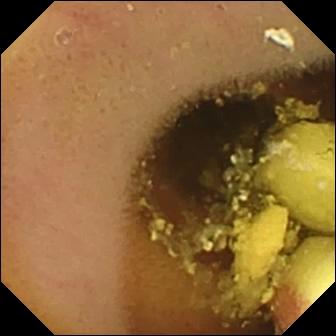Small-bowel capsule endoscopy snapshot. Foreign body (e.g. retained capsule, tablet residue).